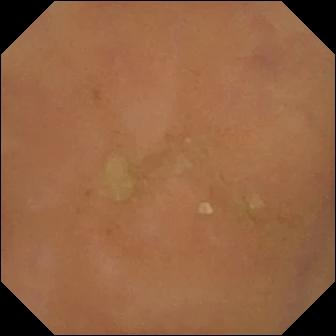PROCEDURE: VCE.
SEGMENT: Small bowel.
FINDINGS: Normal clean mucosa.